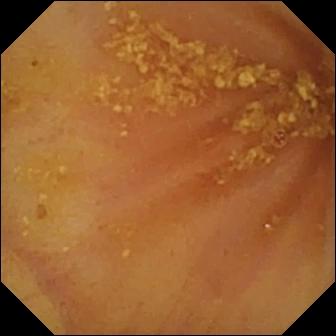PROCEDURE: Small-bowel capsule endoscopy.
POSITION: Ileo-cecal valve region.